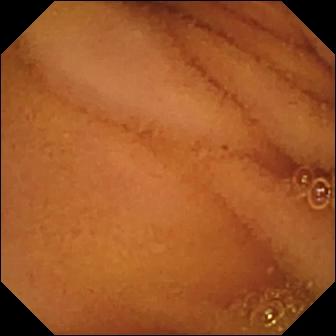Normal clean mucosa — WCE view of the small bowel.